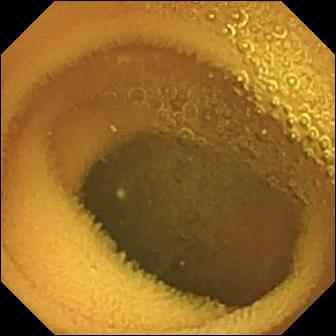Normal clean mucosa.